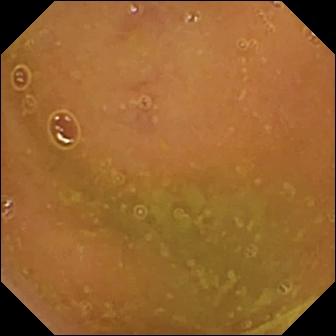This wireless capsule endoscopy still of the small bowel shows normal clean mucosa.